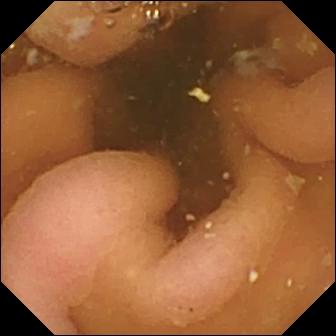Q: Where in the digestive tract was this wireless capsule endoscopy image taken?
A: Pylorus region (where the capsule passes from the stomach into the small bowel).